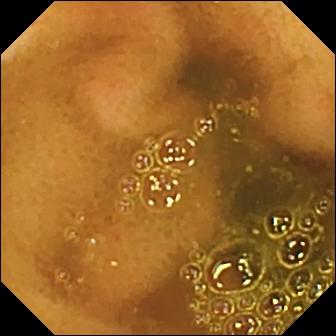Small-bowel capsule endoscopy still. Taken in the ileo-cecal valve region.